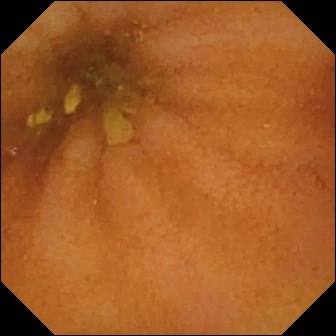This WCE frame of the small intestine shows normal clean mucosa.